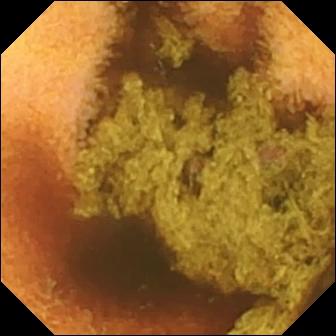Normal clean mucosa.